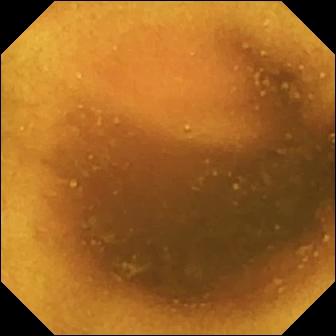- modality: WCE
- segment: small bowel
- category: luminal finding
- finding: normal clean mucosa